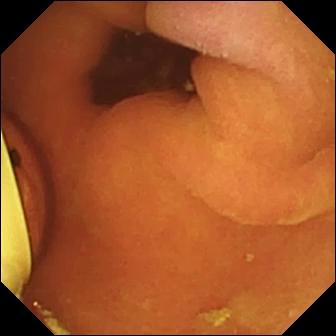Foreign body (e.g. retained capsule, tablet residue) — video capsule endoscopy still.